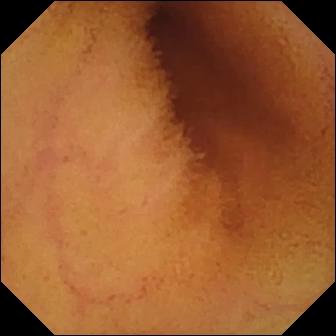modality: VCE; category: luminal finding; finding: normal clean mucosa